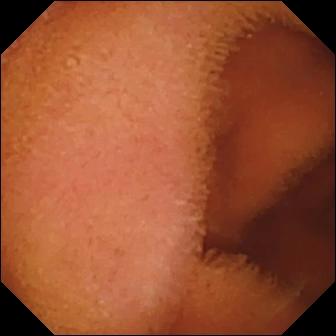Video capsule endoscopy image showing normal clean mucosa.